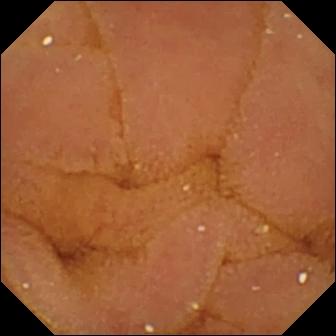Capsule endoscopy image showing normal clean mucosa.